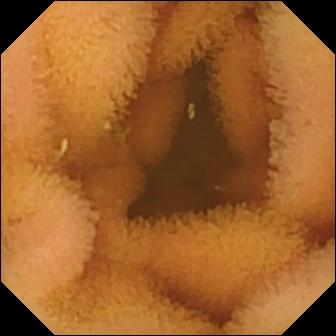Q: What does this small-bowel capsule endoscopy view of the small intestine show?
A: Normal clean mucosa.